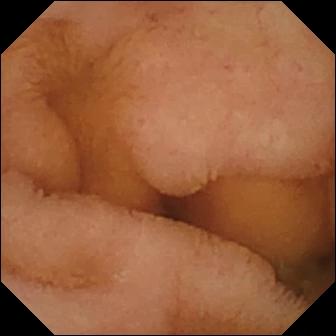Normal clean mucosa.